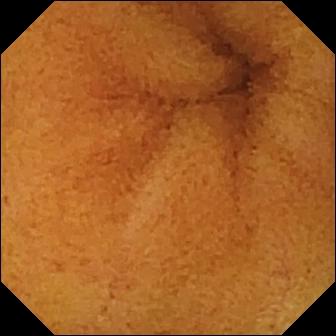Video capsule endoscopy. Small intestine. Luminal finding. Impression: normal clean mucosa.